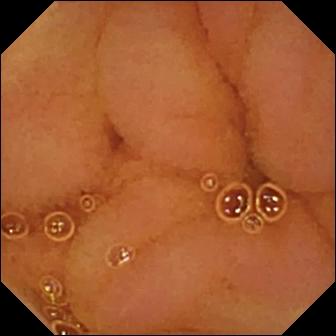PROCEDURE: VCE.
FINDINGS: Normal clean mucosa.